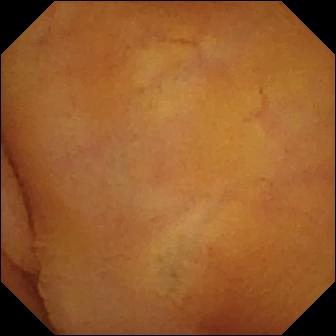Q: What does this video capsule endoscopy view show?
A: Normal clean mucosa.